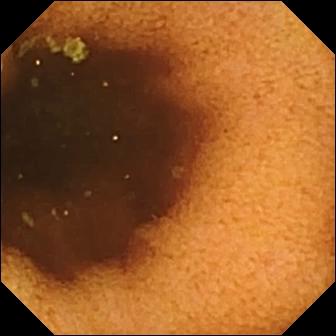This WCE image shows normal clean mucosa.